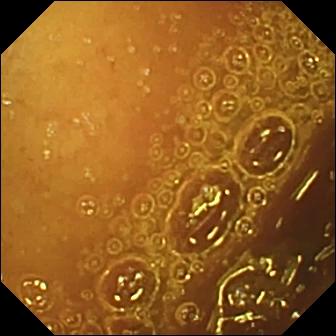- modality: VCE
- label: normal clean mucosa